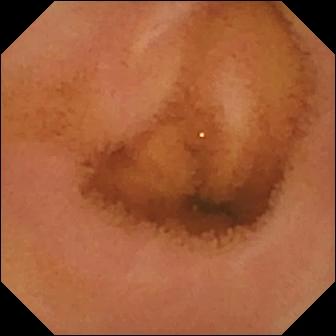{"modality": "WCE", "segment": "small intestine", "finding": "normal clean mucosa"}